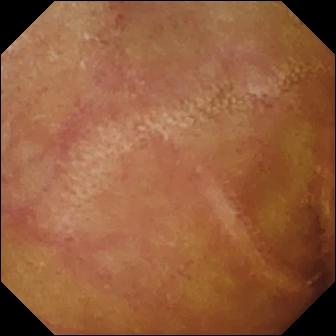{"modality": "video capsule endoscopy", "finding": "normal clean mucosa"}